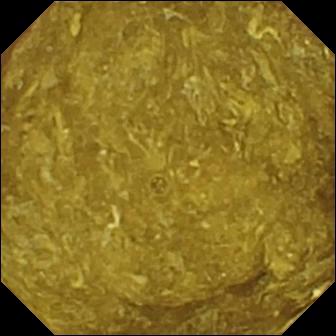PROCEDURE: Video capsule endoscopy.
FINDINGS: Reduced mucosal view (content or bubbles obscuring the mucosa).